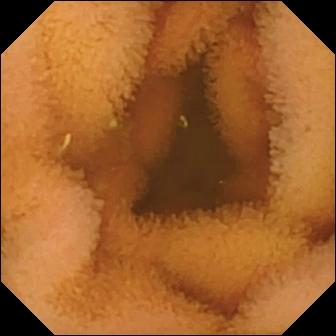- modality: video capsule endoscopy
- label: normal clean mucosa